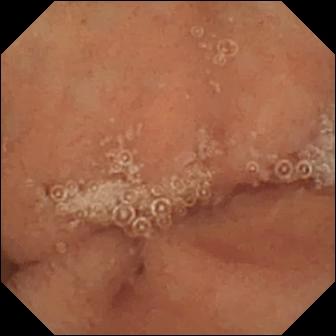Capsule endoscopy view
Impression: normal clean mucosa